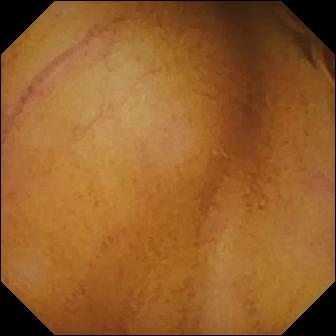- modality: capsule endoscopy
- segment: small intestine
- impression: normal clean mucosa